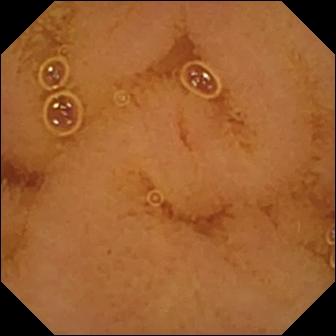Normal clean mucosa.